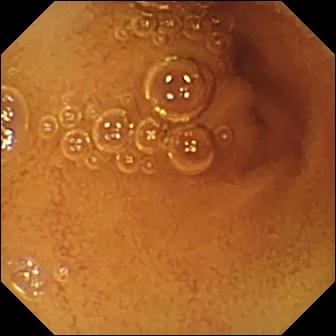- modality: capsule endoscopy
- observation: normal clean mucosa